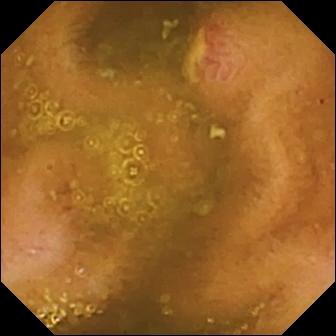VCE still showing ulcer.